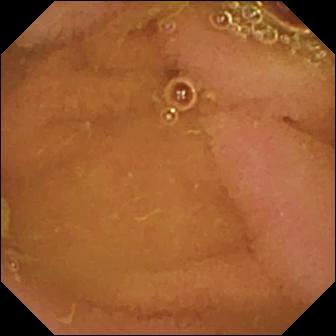Q: What does this capsule endoscopy still show?
A: Normal clean mucosa.